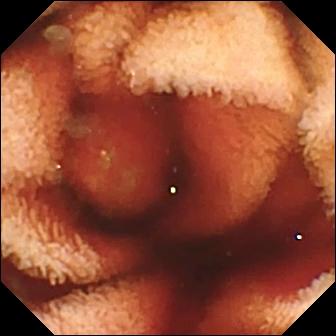VCE — fresh blood in the lumen.